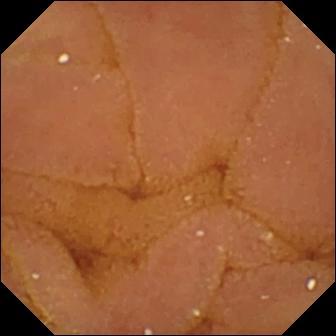This VCE still shows normal clean mucosa.